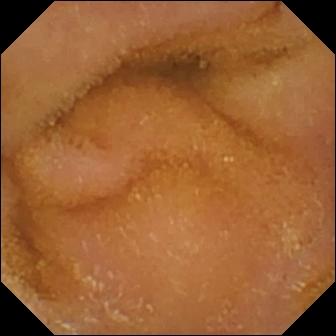Video capsule endoscopy. Luminal finding. Finding: normal clean mucosa.